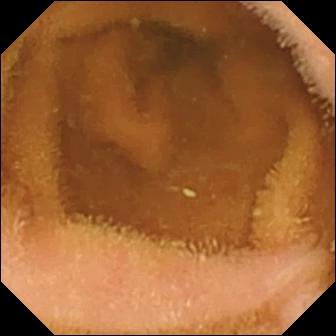Wireless capsule endoscopy — normal clean mucosa.